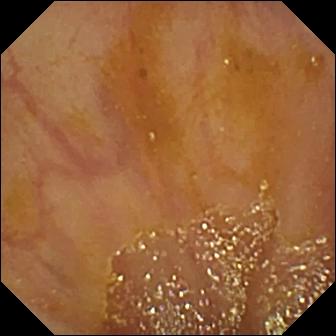modality: video capsule endoscopy; video segment: ileo-cecal valve region